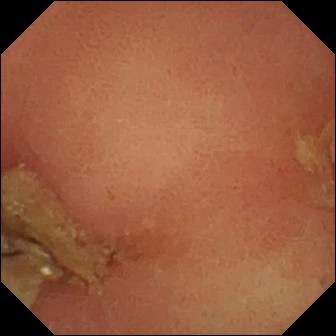Wireless capsule endoscopy frame. Taken in the pylorus region (the junction between the stomach and the small bowel).